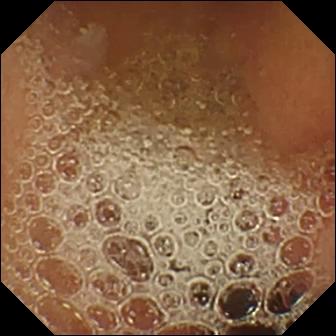Normal clean mucosa — wireless capsule endoscopy image.